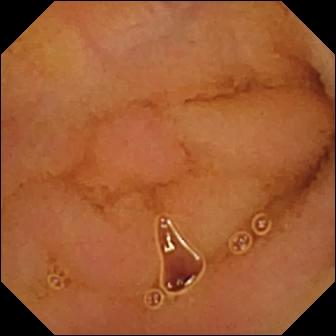PROCEDURE: Small-bowel capsule endoscopy.
FINDINGS: Normal clean mucosa.